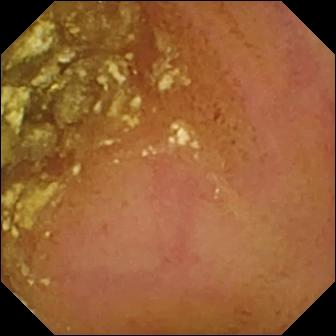{"modality": "WCE", "finding": "normal clean mucosa"}